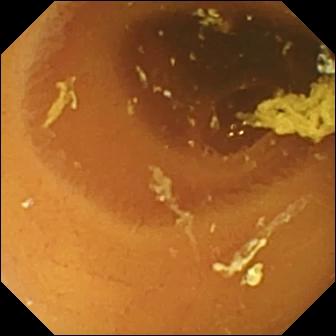Normal clean mucosa — capsule endoscopy image of the small bowel.